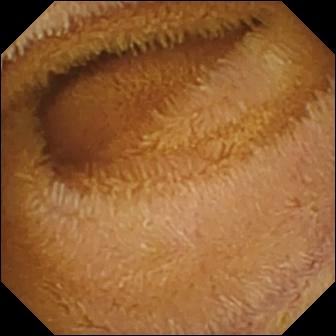This small-bowel capsule endoscopy frame shows normal clean mucosa.